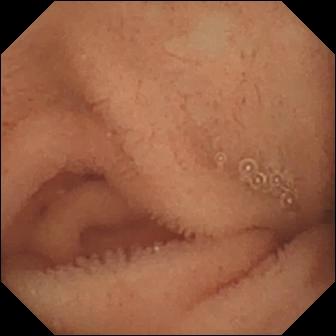modality: video capsule endoscopy | impression: normal clean mucosa